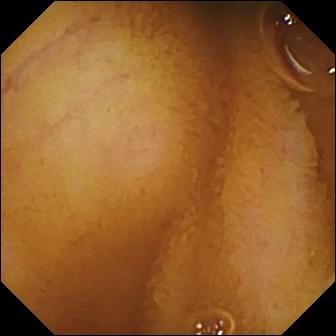Capsule endoscopy — normal clean mucosa.